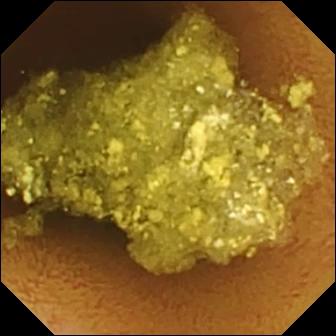{"modality": "wireless capsule endoscopy", "finding": "normal clean mucosa"}